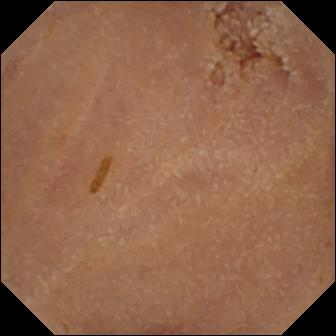VCE frame showing normal clean mucosa.